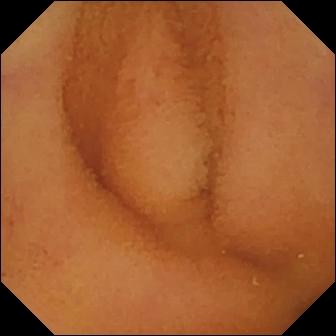{"modality": "wireless capsule endoscopy", "segment": "small intestine", "finding": "normal clean mucosa"}